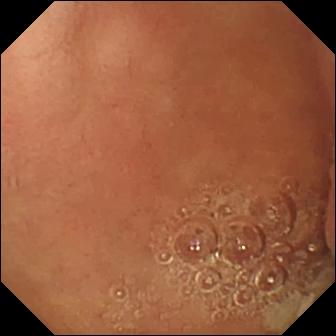Pylorus region — video capsule endoscopy snapshot.